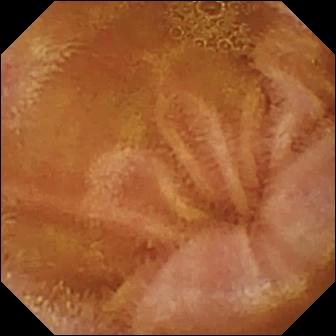Video capsule endoscopy still (small bowel), 336×336. Normal clean mucosa.